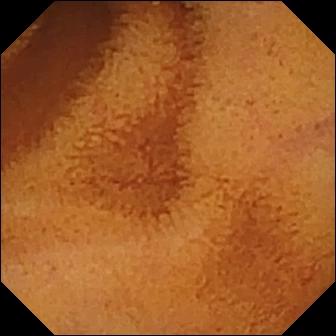modality: small-bowel capsule endoscopy | segment: small bowel | label: normal clean mucosa